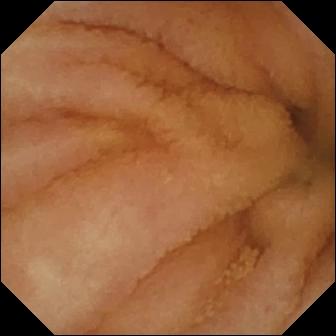Normal clean mucosa — capsule endoscopy image of the small bowel.